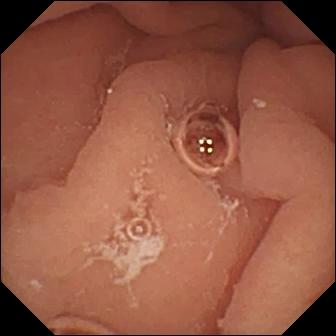This VCE still was taken in the pylorus region (the junction between the stomach and the small bowel).